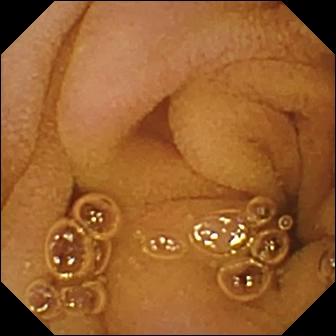Normal clean mucosa — VCE snapshot.